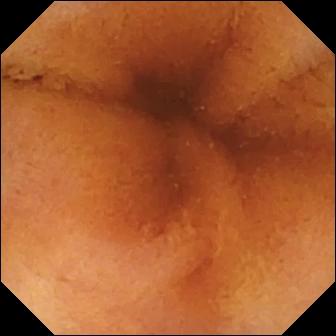Wireless capsule endoscopy — normal clean mucosa.